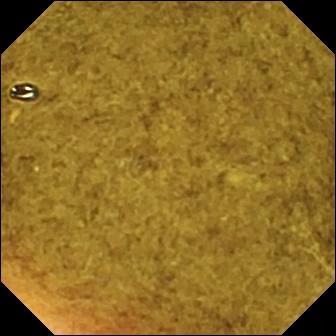WCE — ileo-cecal valve region.